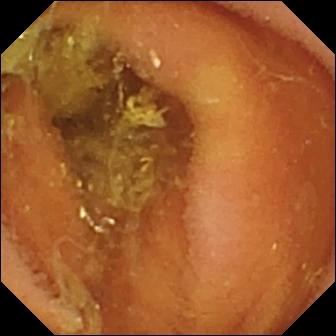modality: capsule endoscopy; impression: normal clean mucosa